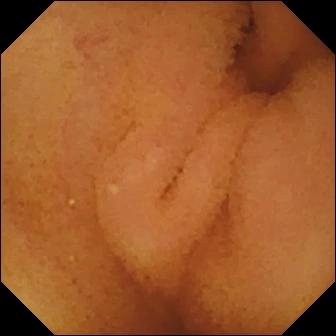modality: wireless capsule endoscopy; label: normal clean mucosa